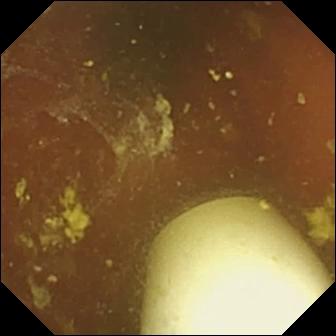- modality: capsule endoscopy
- category: luminal finding
- observation: foreign body (e.g. retained capsule, tablet residue)